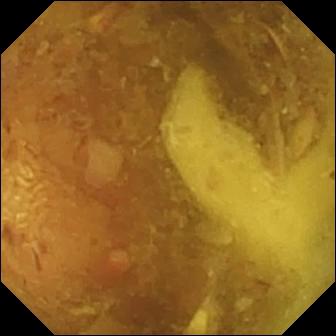Small-bowel capsule endoscopy — reduced mucosal view (content or bubbles obscuring the mucosa).